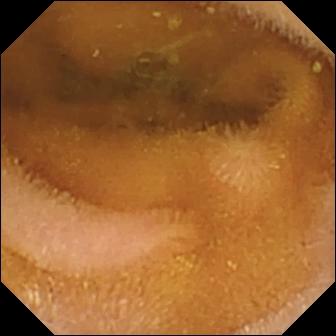Q: What does this wireless capsule endoscopy snapshot of the small bowel show?
A: Normal clean mucosa.